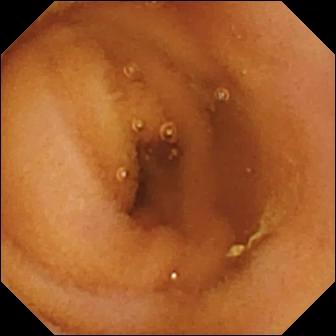modality: WCE | segment: small intestine | category: luminal finding | label: normal clean mucosa